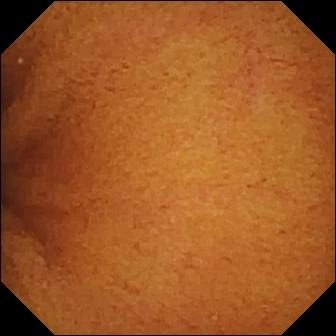Small-bowel capsule endoscopy. Luminal finding. Label: normal clean mucosa.